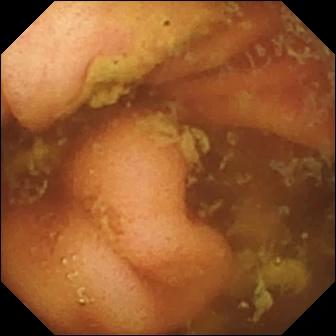Small-bowel capsule endoscopy — ileo-cecal valve region (the transition from the small bowel to the large bowel).